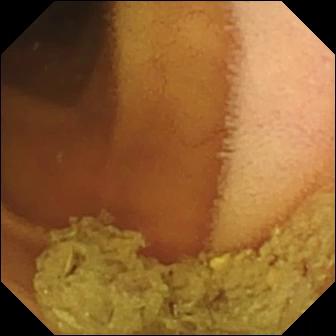Capsule endoscopy view, 336×336. Normal clean mucosa.